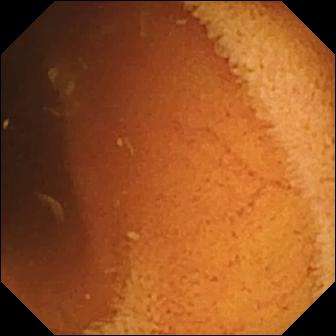VCE image. Normal clean mucosa.